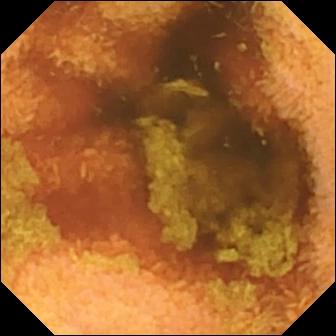Wireless capsule endoscopy frame, small bowel
Finding: normal clean mucosa